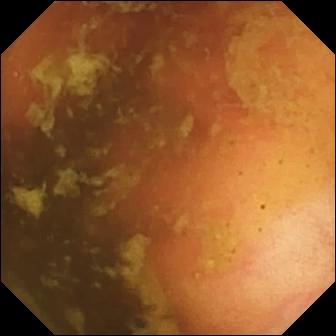VCE — ileo-cecal valve region (the transition from the small bowel to the large bowel).